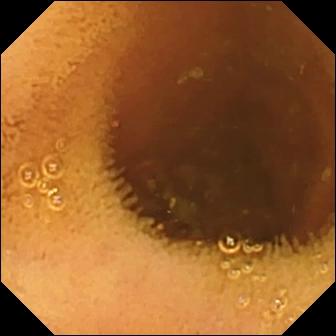Q: What does this small-bowel capsule endoscopy view show?
A: Normal clean mucosa.